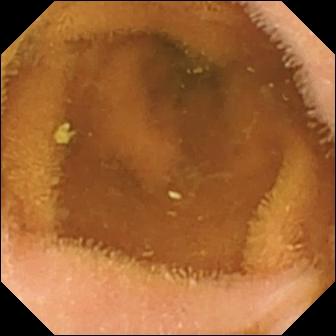modality: WCE; segment: small intestine; category: luminal finding; label: normal clean mucosa